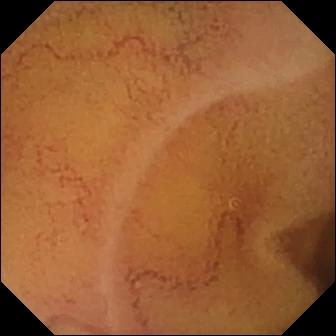This wireless capsule endoscopy snapshot shows normal clean mucosa.